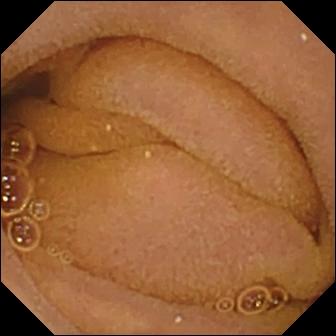Normal clean mucosa — wireless capsule endoscopy image of the small bowel.